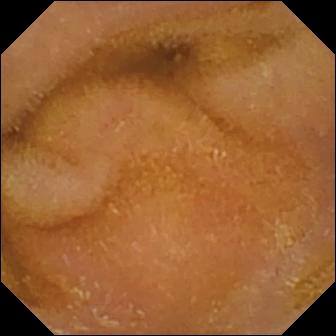{"modality": "small-bowel capsule endoscopy", "category": "luminal finding", "finding": "normal clean mucosa"}